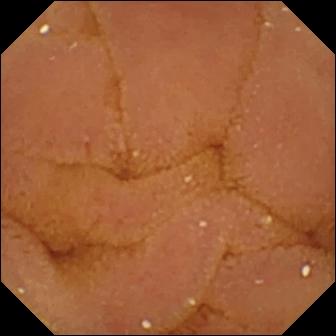Small-bowel capsule endoscopy frame of the small bowel showing normal clean mucosa.